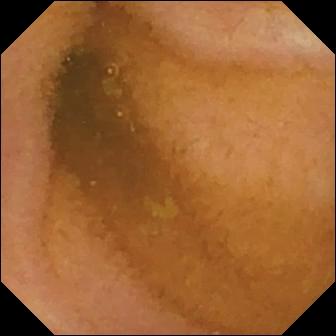{"modality": "WCE", "category": "luminal finding", "finding": "normal clean mucosa"}